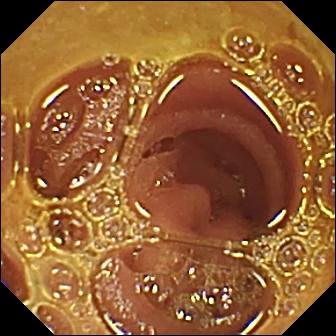Q: What does this VCE frame show?
A: Normal clean mucosa.